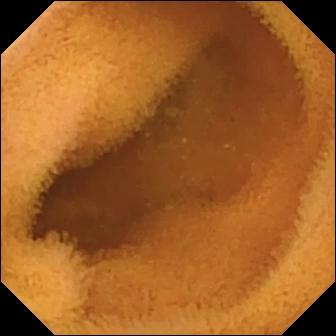Normal clean mucosa — capsule endoscopy snapshot.